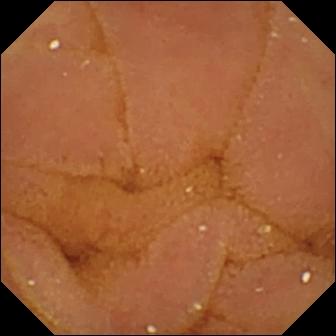Normal clean mucosa — VCE image.